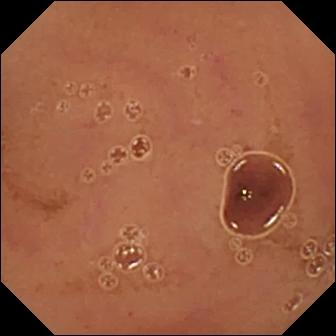- modality: capsule endoscopy
- segment: small intestine
- observation: normal clean mucosa